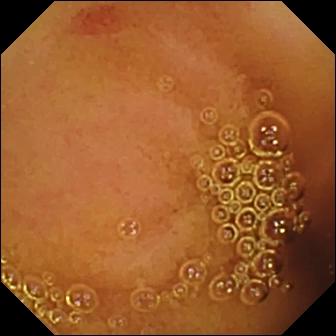PROCEDURE: Wireless capsule endoscopy.
FINDINGS: Angiectasia.